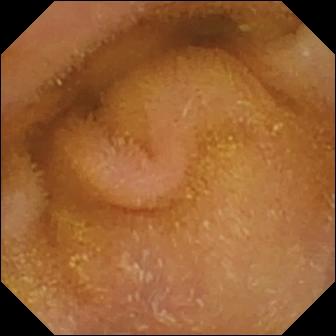This small-bowel capsule endoscopy image shows normal clean mucosa.